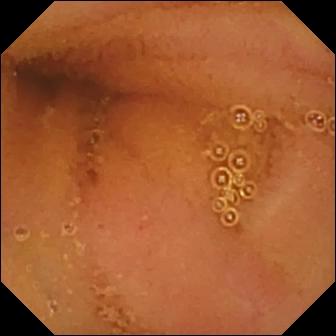Q: What does this VCE snapshot of the small intestine show?
A: Normal clean mucosa.